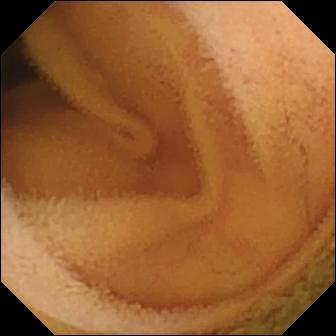VCE snapshot (small intestine). Normal clean mucosa.